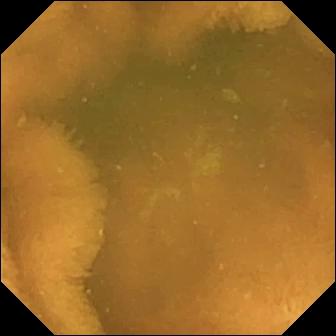Normal clean mucosa — VCE image.